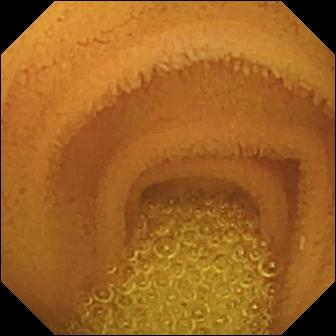Normal clean mucosa — small-bowel capsule endoscopy snapshot.